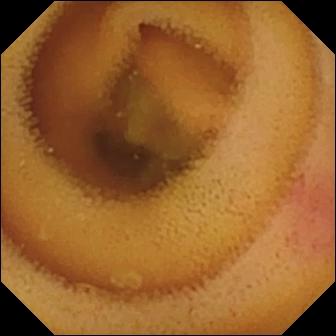Video capsule endoscopy. Luminal finding. Finding: angiectasia.